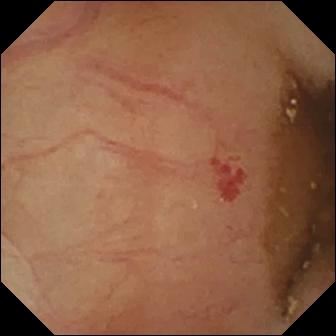{"modality": "small-bowel capsule endoscopy", "category": "luminal finding", "finding": "angiectasia"}